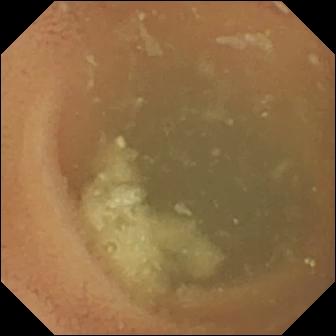- modality: WCE
- category: luminal finding
- finding: normal clean mucosa